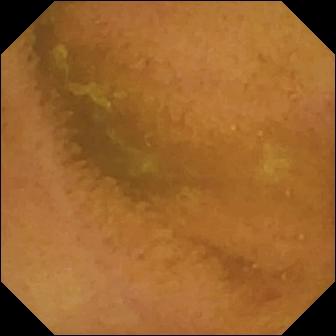Q: What does this video capsule endoscopy still show?
A: Normal clean mucosa.